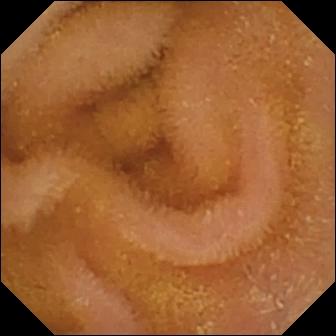PROCEDURE: Small-bowel capsule endoscopy.
SEGMENT: Small intestine.
FINDINGS: Normal clean mucosa.